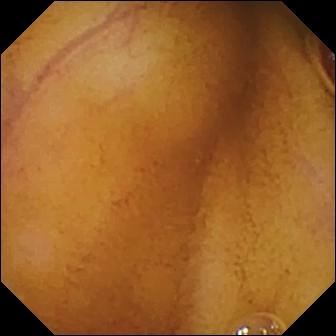Capsule endoscopy frame
Observation: normal clean mucosa